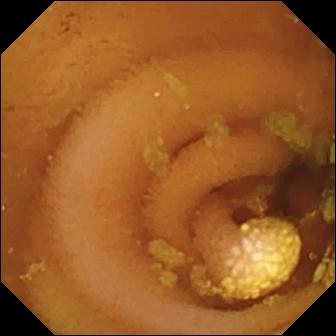{"modality": "WCE", "category": "luminal finding", "finding": "lymphangiectasia"}